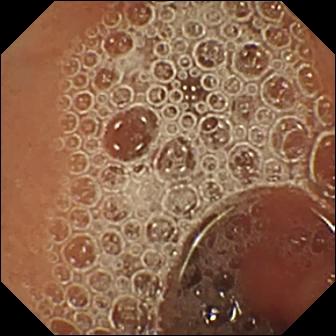Wireless capsule endoscopy image. Normal clean mucosa.